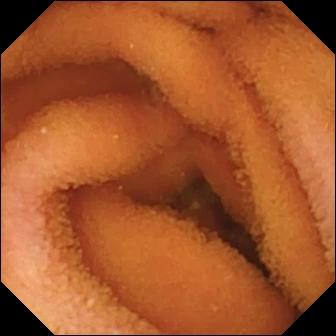PROCEDURE: VCE.
FINDINGS: Normal clean mucosa.